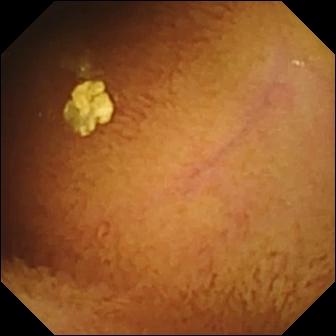{"modality": "wireless capsule endoscopy", "finding": "normal clean mucosa"}